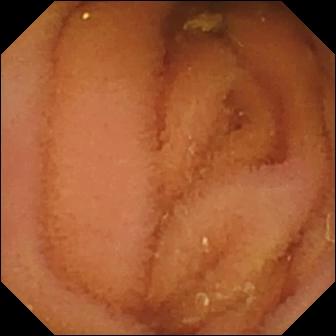modality: small-bowel capsule endoscopy; finding: normal clean mucosa